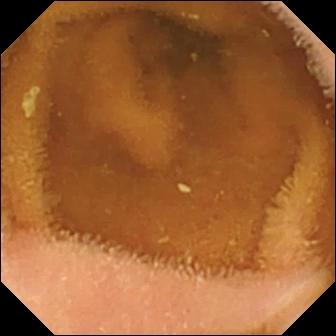Wireless capsule endoscopy — normal clean mucosa.